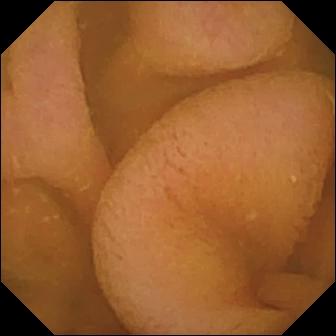PROCEDURE: VCE.
SEGMENT: Small intestine.
FINDINGS: Normal clean mucosa.